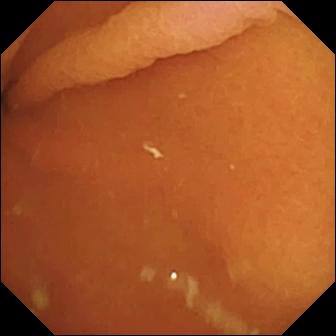Capsule endoscopy still. Taken in the pylorus region (where the capsule passes from the stomach into the small bowel).